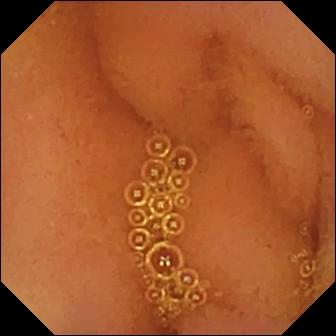Small-bowel capsule endoscopy — normal clean mucosa.